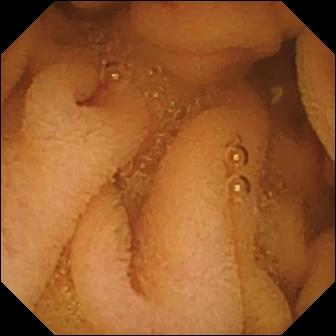Normal clean mucosa — capsule endoscopy frame of the small intestine.